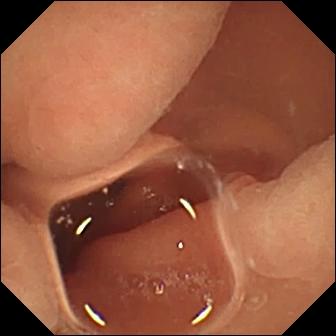Wireless capsule endoscopy. Label: normal clean mucosa.